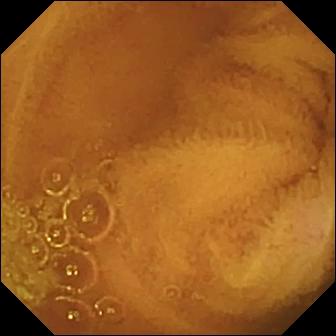- modality: video capsule endoscopy
- impression: normal clean mucosa